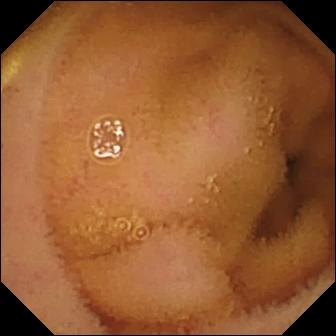Q: What does this VCE view of the small bowel show?
A: Normal clean mucosa.